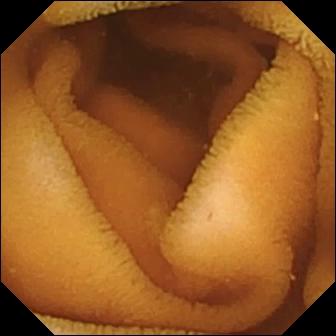Small-bowel capsule endoscopy snapshot showing normal clean mucosa.